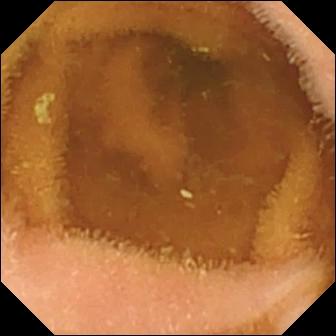modality: VCE; segment: small intestine; category: luminal finding; finding: normal clean mucosa